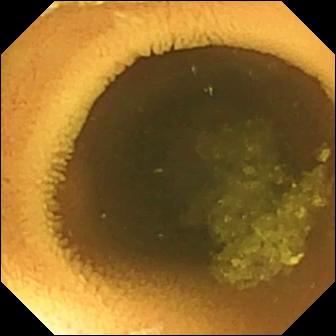Video capsule endoscopy. Luminal finding. Finding: normal clean mucosa.